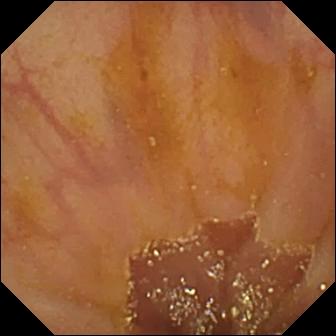Video capsule endoscopy — ileo-cecal valve region.